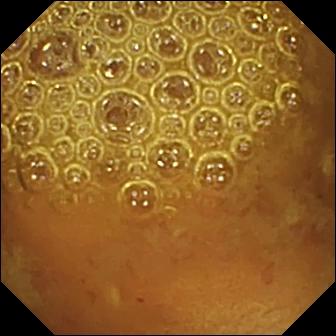Small-bowel capsule endoscopy still
Observation: reduced mucosal view (content or bubbles obscuring the mucosa)